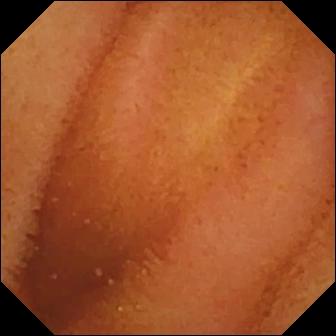- modality: WCE
- segment: small bowel
- label: normal clean mucosa